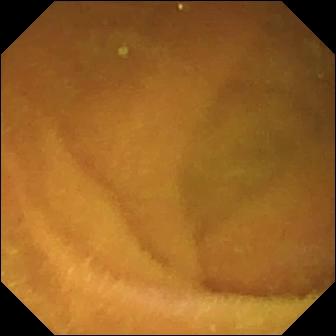Normal clean mucosa (336×336).